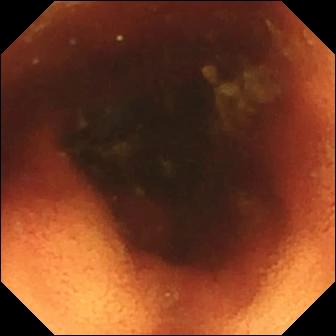Q: Where in the digestive tract was this wireless capsule endoscopy frame taken?
A: Ileo-cecal valve region (where the capsule passes from the small bowel into the large bowel).